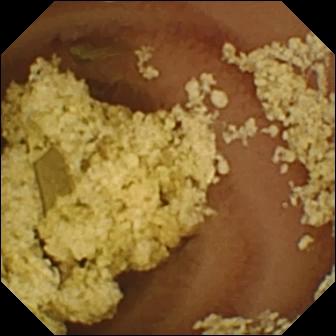PROCEDURE: WCE.
SEGMENT: Small intestine.
FINDINGS: Normal clean mucosa.